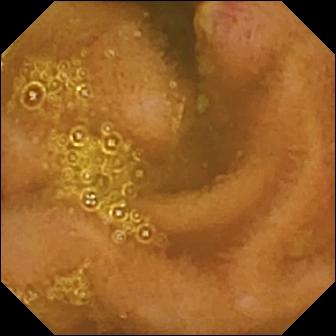WCE — ulcer.